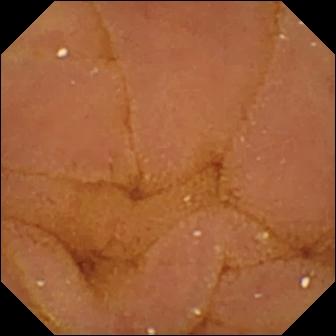PROCEDURE: Wireless capsule endoscopy.
SEGMENT: Small bowel.
FINDINGS: Normal clean mucosa.